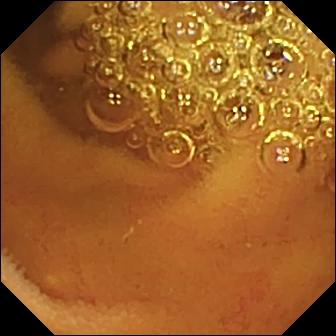PROCEDURE: VCE.
SEGMENT: Small bowel.
FINDINGS: Normal clean mucosa.